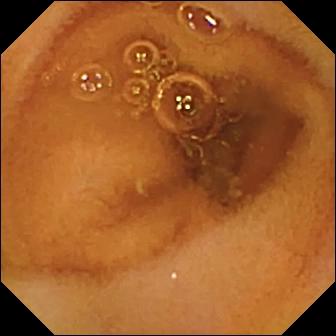Video capsule endoscopy still. Normal clean mucosa.